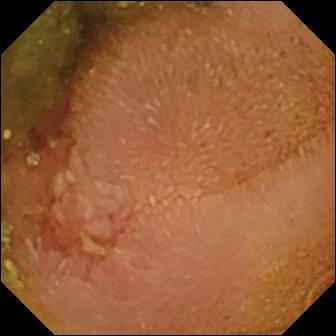Capsule endoscopy. Impression: erosion.